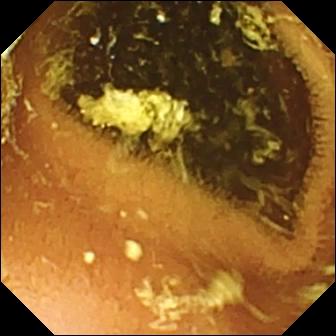This VCE view shows normal clean mucosa.